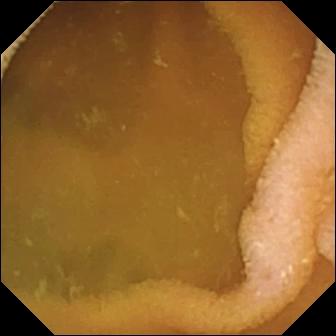PROCEDURE: WCE.
FINDINGS: Normal clean mucosa.